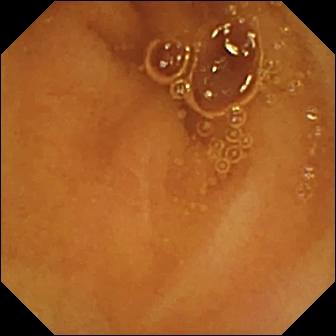This small-bowel capsule endoscopy frame of the small bowel shows normal clean mucosa.